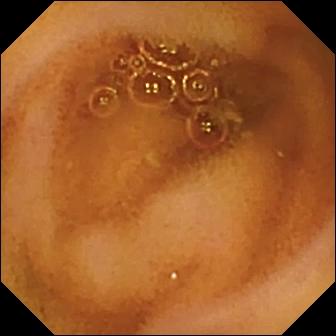Normal clean mucosa.